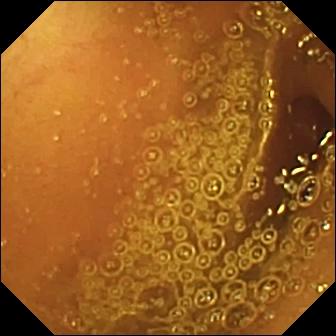- modality: small-bowel capsule endoscopy
- segment: small intestine
- label: normal clean mucosa